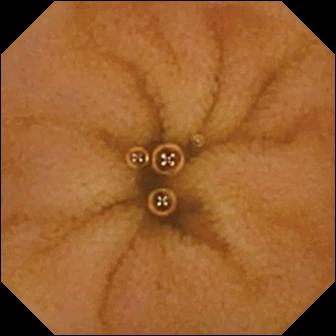modality: capsule endoscopy | category: luminal finding | observation: normal clean mucosa